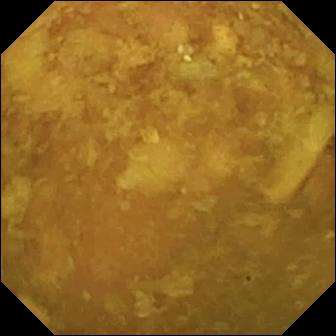WCE image. Reduced mucosal view (content or bubbles obscuring the mucosa).